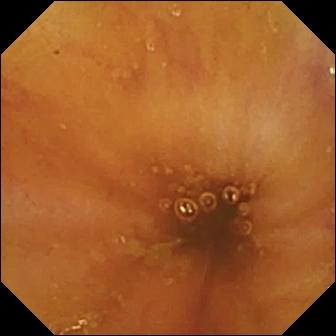modality: VCE; position: ileo-cecal valve region (the transition from the small bowel to the large bowel)